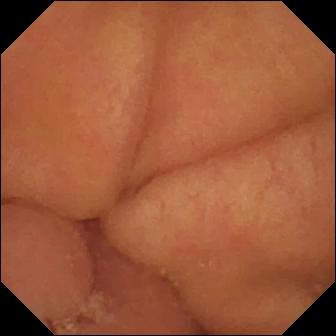Q: Where in the digestive tract was this video capsule endoscopy view taken?
A: Pylorus region.